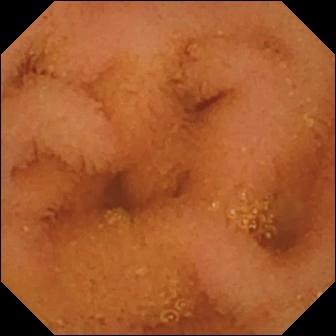Normal clean mucosa.